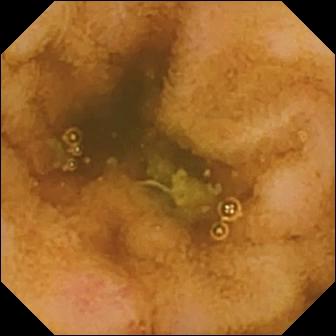This small-bowel capsule endoscopy snapshot shows erosion.